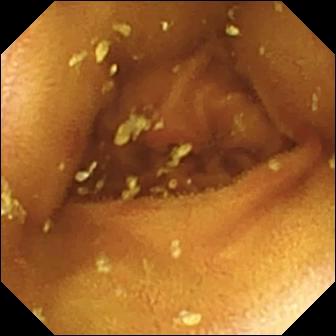{"modality": "video capsule endoscopy", "finding": "erosion"}